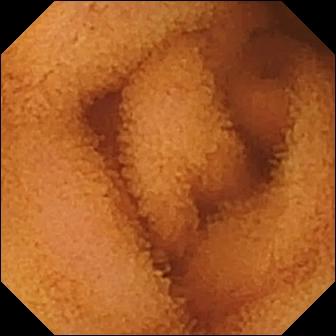PROCEDURE: Wireless capsule endoscopy.
SEGMENT: Small intestine.
FINDINGS: Normal clean mucosa.